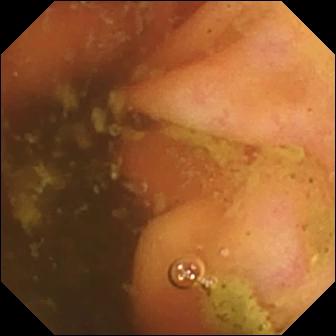Video capsule endoscopy snapshot. Taken in the ileo-cecal valve region.